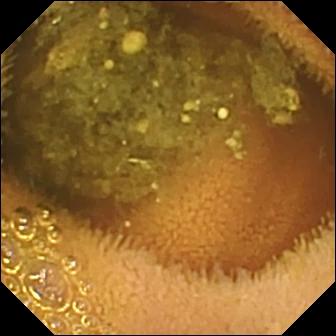- modality: VCE
- segment: small intestine
- observation: reduced mucosal view (content or bubbles obscuring the mucosa)